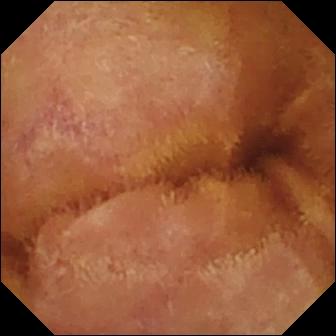modality: WCE
segment: small intestine
observation: normal clean mucosa